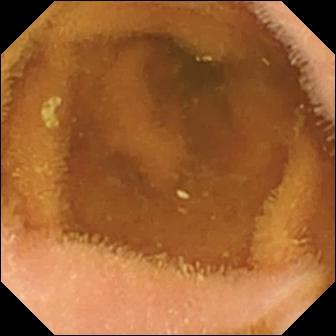Normal clean mucosa.